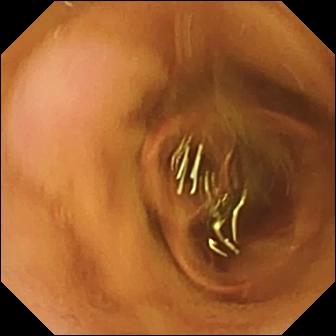Q: What does this VCE view of the small intestine show?
A: Normal clean mucosa.